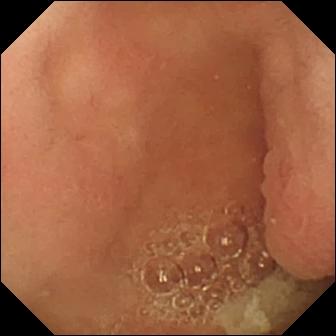VCE image taken in the pylorus region.